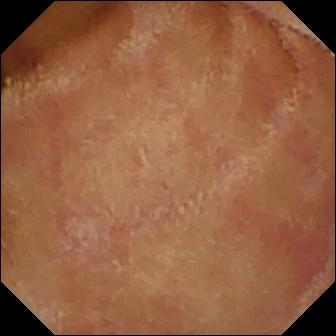Normal clean mucosa.